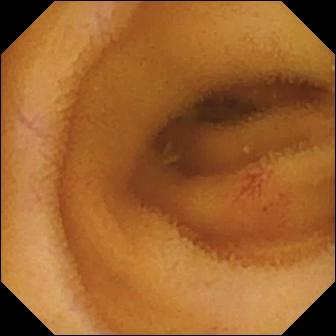modality: video capsule endoscopy | category: luminal finding | label: angiectasia